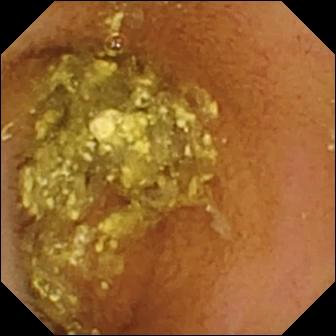Small-bowel capsule endoscopy still, small bowel
Impression: normal clean mucosa